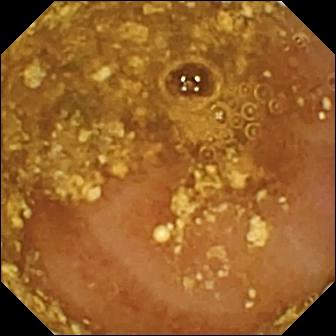Reduced mucosal view (content or bubbles obscuring the mucosa) — small-bowel capsule endoscopy still of the small bowel.